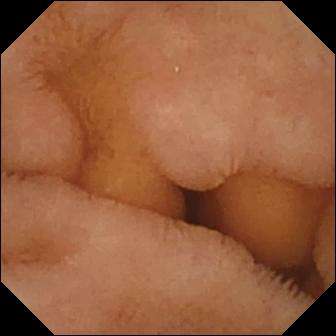modality: VCE | category: luminal finding | impression: normal clean mucosa